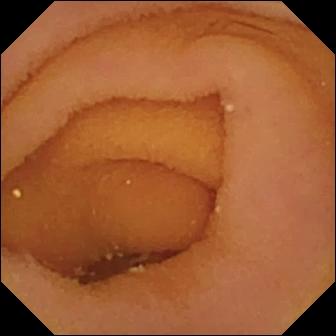- modality: WCE
- location: pylorus region